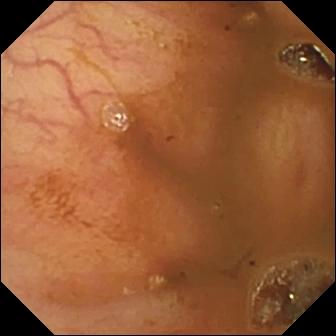modality: WCE | position: ileo-cecal valve region